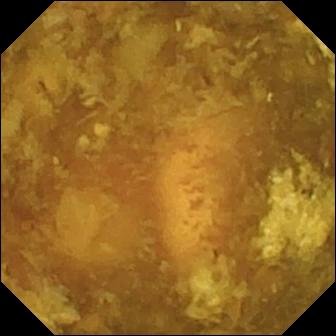VCE frame, small intestine
Finding: reduced mucosal view (content or bubbles obscuring the mucosa)